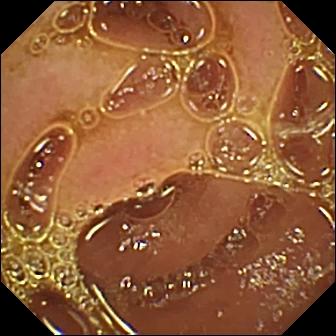WCE — normal clean mucosa.